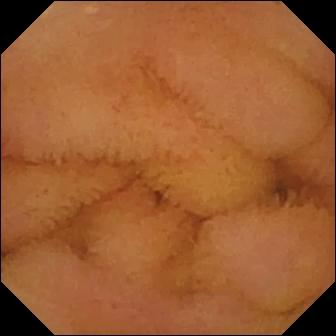Normal clean mucosa.